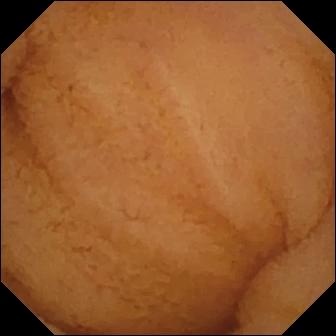modality: WCE; observation: normal clean mucosa